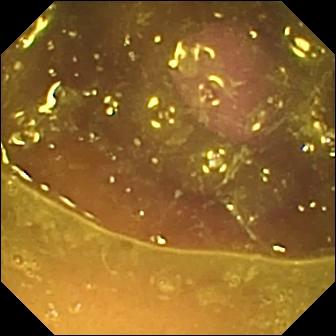VCE snapshot (small intestine). Reduced mucosal view (content or bubbles obscuring the mucosa).